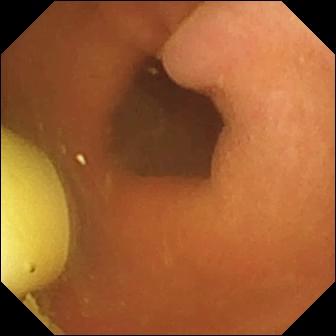- modality: small-bowel capsule endoscopy
- category: luminal finding
- finding: foreign body (e.g. retained capsule, tablet residue)